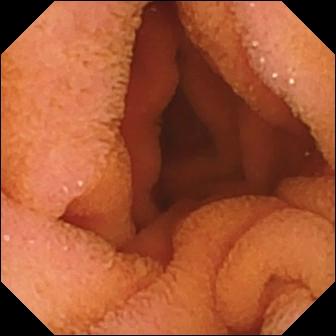WCE snapshot showing normal clean mucosa.